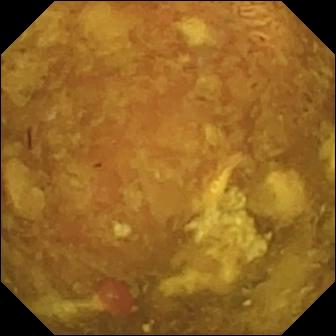VCE image (small bowel). Reduced mucosal view (content or bubbles obscuring the mucosa).